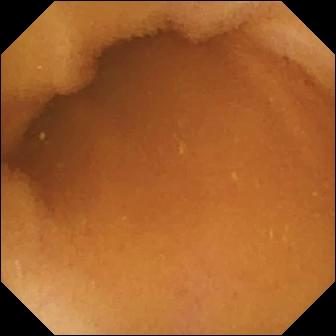Normal clean mucosa.